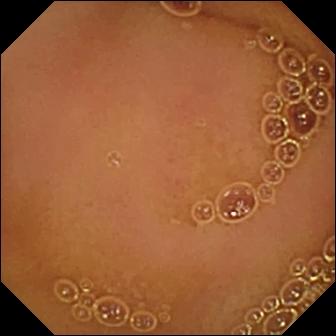- modality: video capsule endoscopy
- segment: small bowel
- impression: normal clean mucosa